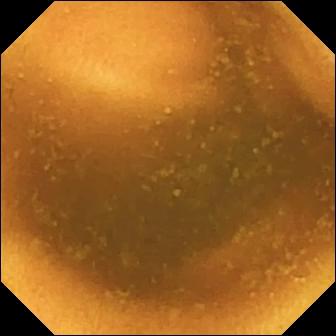Normal clean mucosa — video capsule endoscopy snapshot of the small intestine.